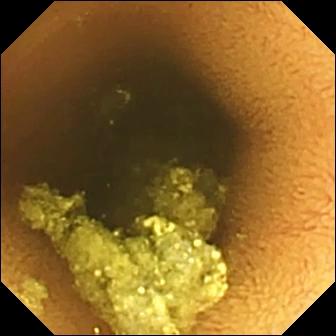modality: small-bowel capsule endoscopy
segment: small bowel
category: luminal finding
impression: normal clean mucosa